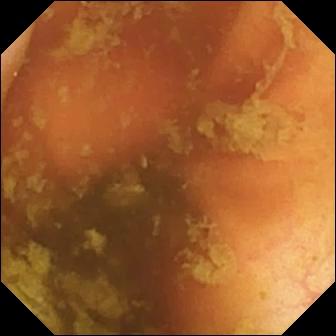modality: video capsule endoscopy
position: ileo-cecal valve region (the transition from the small bowel to the large bowel)